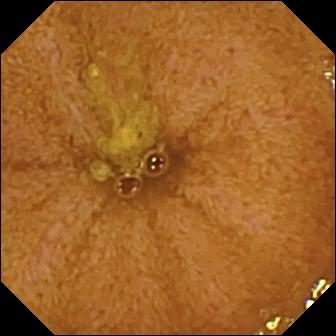Wireless capsule endoscopy image taken in the ileo-cecal valve region (where the capsule passes from the small bowel into the large bowel).